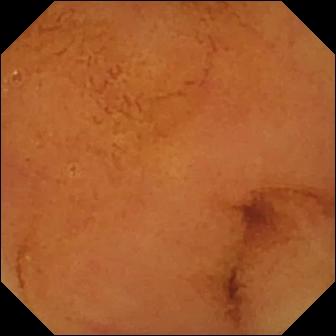Normal clean mucosa.